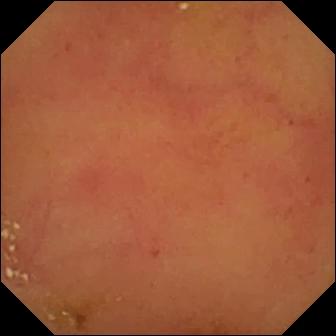Video capsule endoscopy — normal clean mucosa.